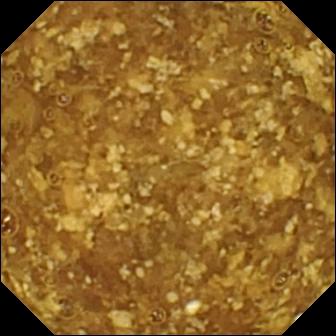PROCEDURE: Capsule endoscopy.
SEGMENT: Small intestine.
FINDINGS: Reduced mucosal view (content or bubbles obscuring the mucosa).